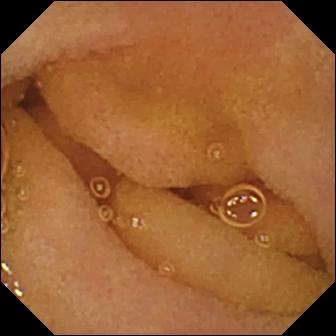Normal clean mucosa — video capsule endoscopy view of the small intestine.